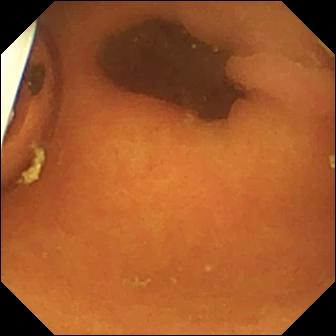Video capsule endoscopy frame showing foreign body (e.g. retained capsule, tablet residue).